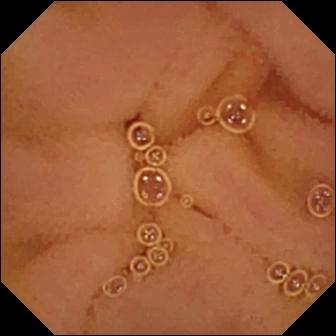{"modality": "WCE", "finding": "normal clean mucosa"}